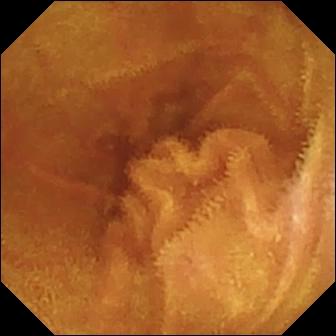Q: What does this video capsule endoscopy snapshot show?
A: Normal clean mucosa.